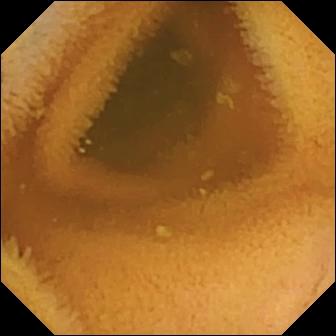PROCEDURE: WCE.
FINDINGS: Normal clean mucosa.